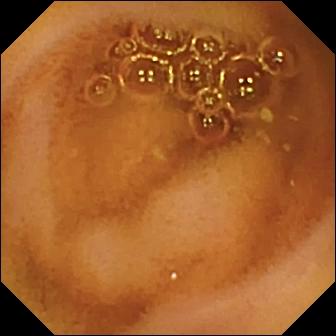{"modality": "video capsule endoscopy", "segment": "small intestine", "finding": "normal clean mucosa"}